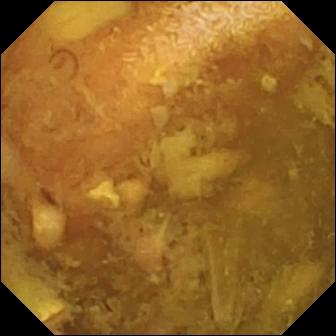Reduced mucosal view (content or bubbles obscuring the mucosa) — video capsule endoscopy frame of the small intestine.